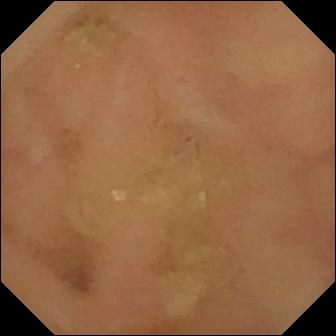Capsule endoscopy frame of the small intestine showing normal clean mucosa.